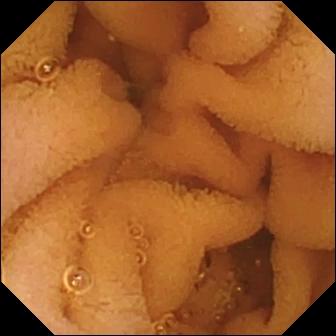- modality: WCE
- segment: small intestine
- observation: normal clean mucosa